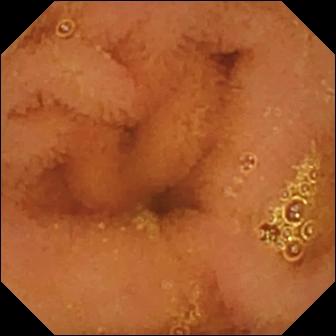Normal clean mucosa — wireless capsule endoscopy still of the small intestine.